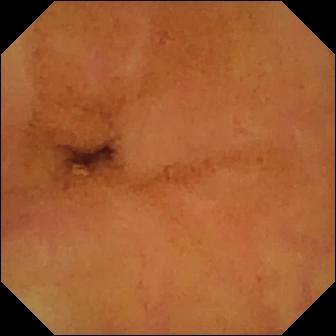This WCE image of the small bowel shows normal clean mucosa.